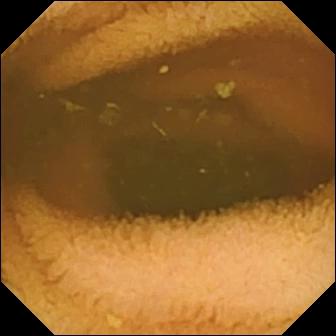Capsule endoscopy. Small bowel. Impression: normal clean mucosa.